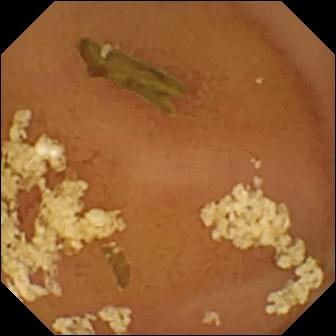Small-bowel capsule endoscopy view
Observation: normal clean mucosa